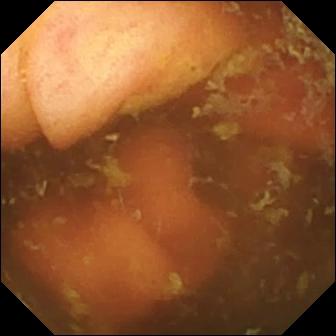{"modality": "small-bowel capsule endoscopy", "position": "ileo-cecal valve region"}